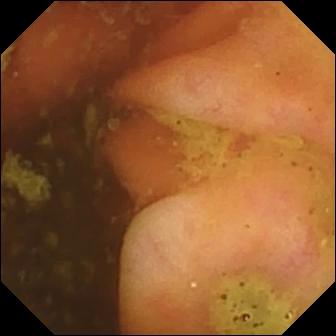modality: WCE | label: ileo-cecal valve region (the transition from the small bowel to the large bowel)